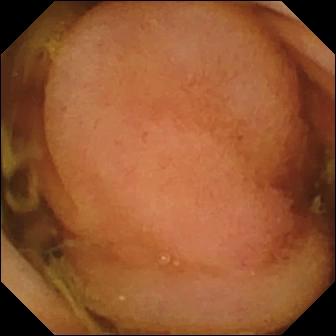WCE still showing polyp.